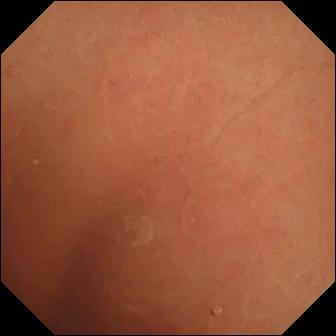{"modality": "capsule endoscopy", "category": "luminal finding", "finding": "normal clean mucosa"}